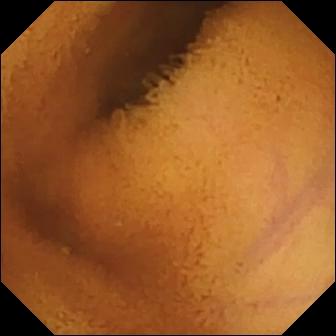VCE — normal clean mucosa.